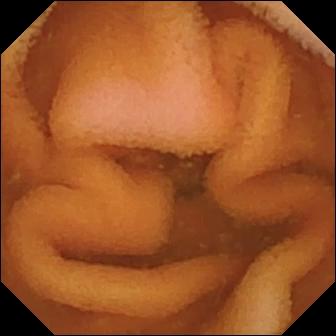{"modality": "WCE", "finding": "normal clean mucosa"}